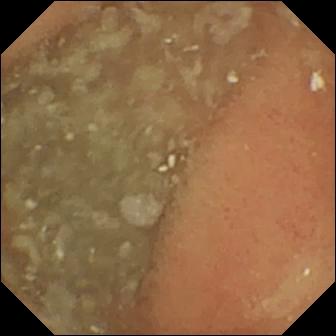WCE frame of the small bowel showing normal clean mucosa.